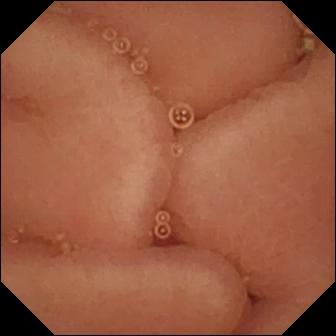{"modality": "wireless capsule endoscopy", "position": "pylorus region (where the capsule passes from the stomach into the small bowel)"}